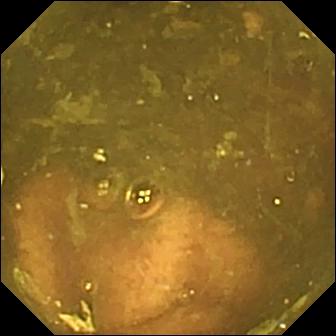{"modality": "WCE", "label": "ileo-cecal valve region (where the capsule passes from the small bowel into the large bowel)"}